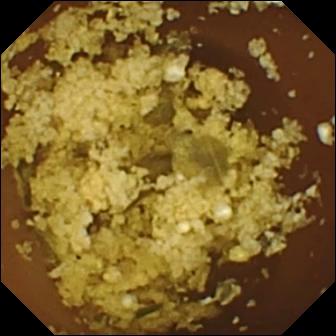VCE image of the small bowel showing normal clean mucosa.